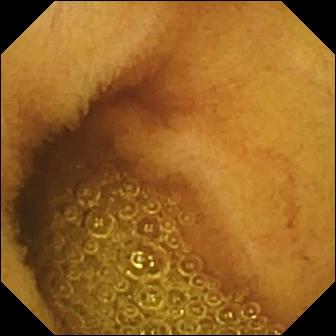Normal clean mucosa.